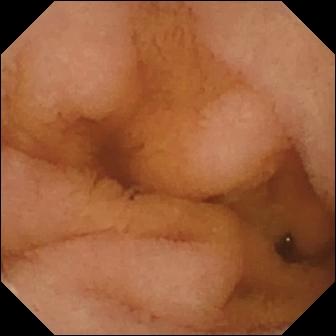WCE still (small bowel), 336×336. Normal clean mucosa.